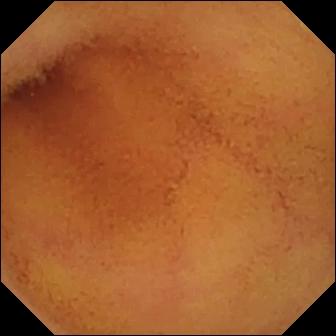- modality: small-bowel capsule endoscopy
- segment: small bowel
- finding: normal clean mucosa